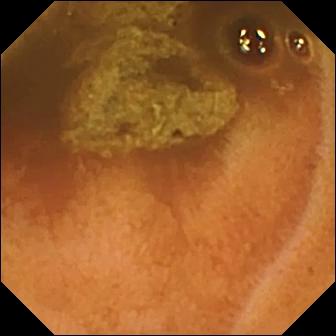Capsule endoscopy view. Normal clean mucosa.